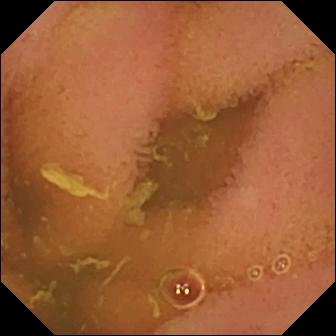modality: small-bowel capsule endoscopy | category: luminal finding | observation: normal clean mucosa